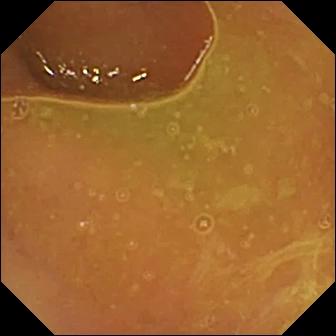WCE frame, small intestine
Observation: normal clean mucosa